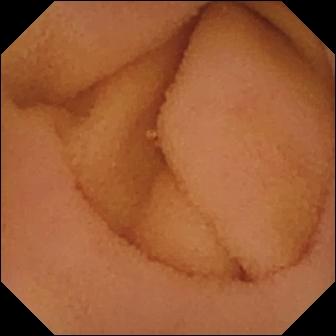Normal clean mucosa (336×336).